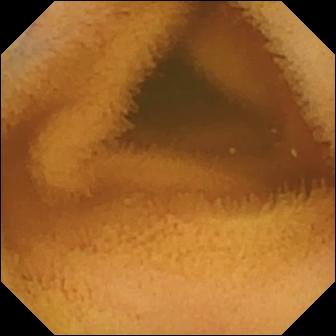Small-bowel capsule endoscopy image (small bowel). Normal clean mucosa.